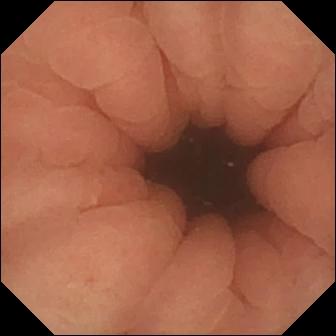Pylorus region (where the capsule passes from the stomach into the small bowel) — VCE view.